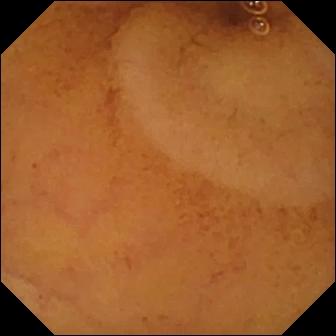- modality: wireless capsule endoscopy
- segment: small intestine
- label: normal clean mucosa